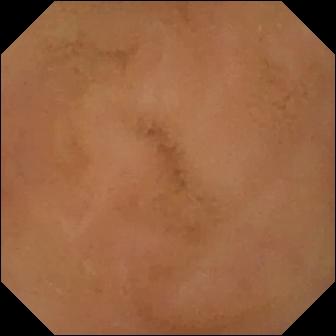VCE snapshot (small intestine). Normal clean mucosa.